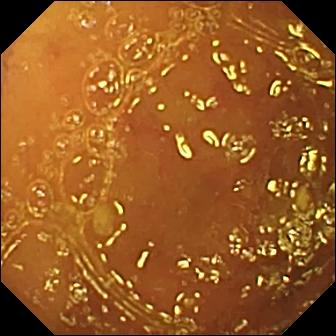Small-bowel capsule endoscopy view showing normal clean mucosa.